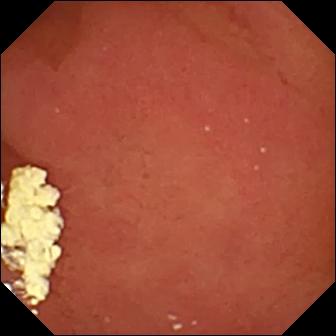Pylorus region (where the capsule passes from the stomach into the small bowel).